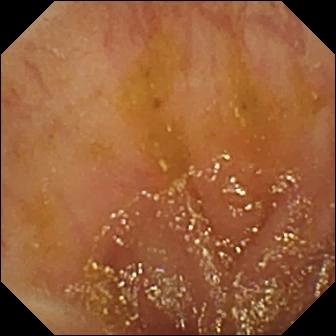modality: VCE
category: anatomical landmark
location: ileo-cecal valve region